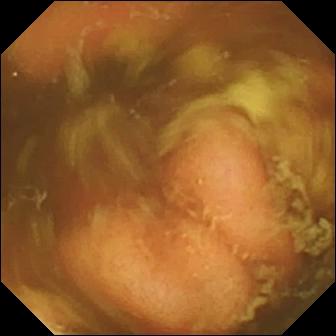WCE frame, 336×336. Taken in the ileo-cecal valve region (where the capsule passes from the small bowel into the large bowel).